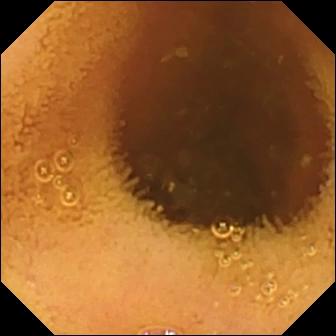{"modality": "small-bowel capsule endoscopy", "finding": "normal clean mucosa"}